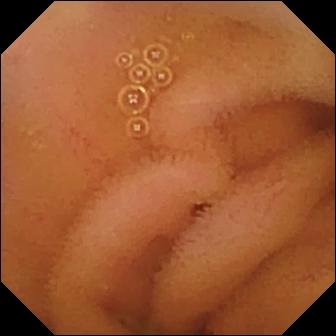Video capsule endoscopy frame showing normal clean mucosa.